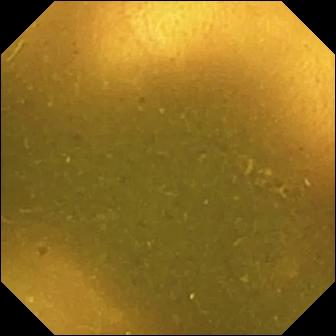Video capsule endoscopy — ileo-cecal valve region (where the capsule passes from the small bowel into the large bowel).